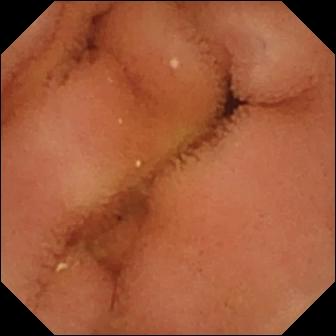WCE image (small intestine), 336×336. Normal clean mucosa.